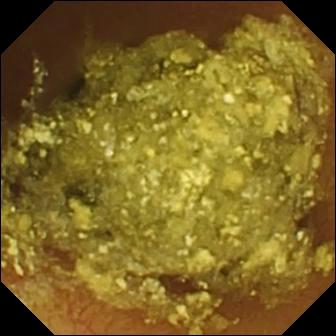Normal clean mucosa.